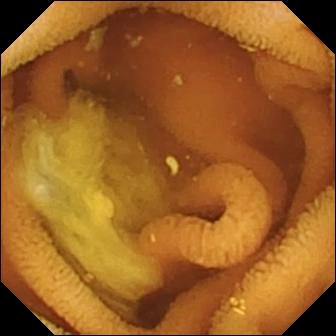Normal clean mucosa.